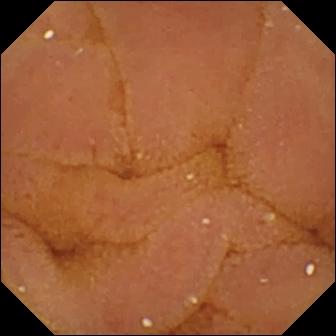modality: VCE
category: luminal finding
impression: normal clean mucosa